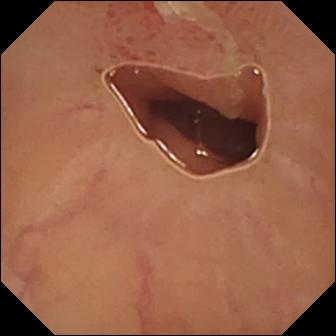This VCE snapshot shows ulcer.